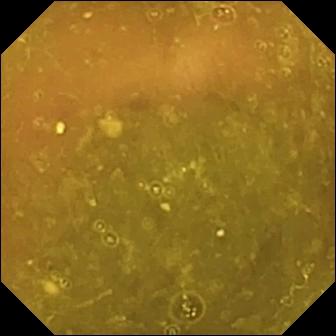Small-bowel capsule endoscopy still
Video segment: ileo-cecal valve region (where the capsule passes from the small bowel into the large bowel)